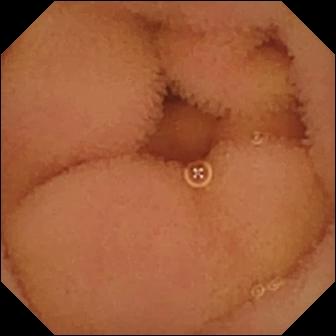PROCEDURE: Wireless capsule endoscopy.
FINDINGS: Normal clean mucosa.